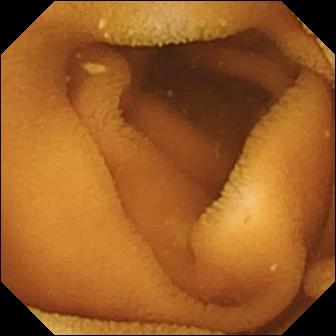Capsule endoscopy — normal clean mucosa.